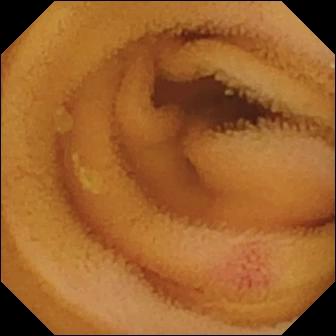WCE view
Impression: angiectasia